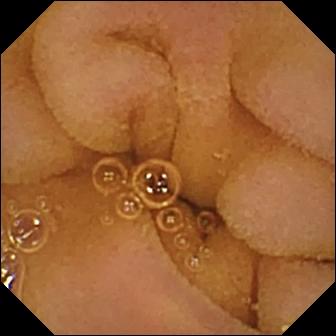Capsule endoscopy. Small intestine. Impression: normal clean mucosa.